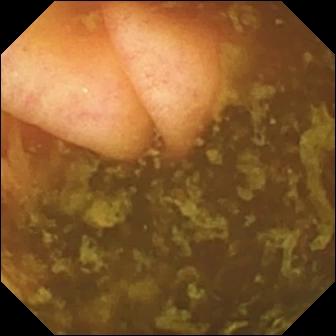Wireless capsule endoscopy view. Taken in the ileo-cecal valve region.